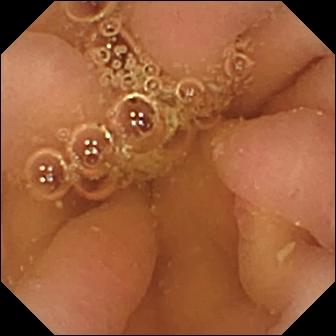- modality: wireless capsule endoscopy
- video segment: pylorus region